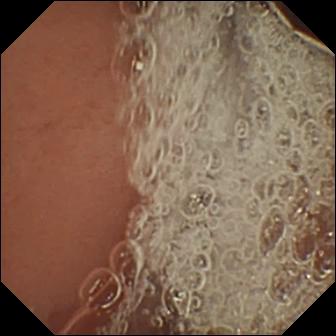VCE snapshot. Taken in the pylorus region.